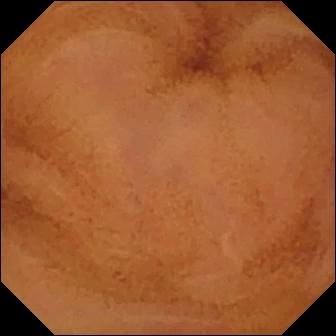WCE. Small intestine. Finding: normal clean mucosa.